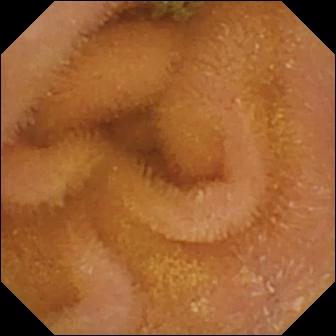Q: What does this WCE view show?
A: Normal clean mucosa.